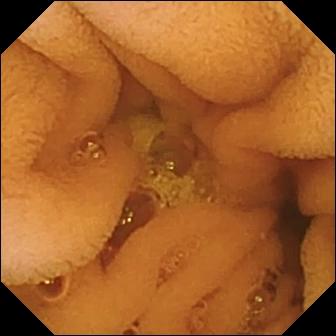- modality: capsule endoscopy
- segment: small intestine
- observation: normal clean mucosa